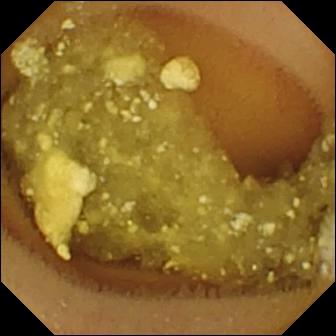{"modality": "video capsule endoscopy", "finding": "lymphangiectasia"}